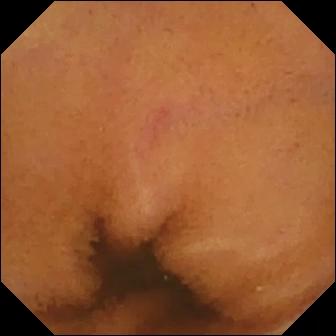PROCEDURE: WCE.
FINDINGS: Normal clean mucosa.